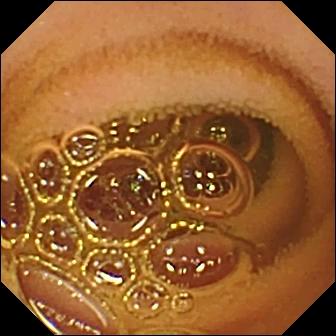{"modality": "capsule endoscopy", "segment": "small intestine", "finding": "normal clean mucosa"}